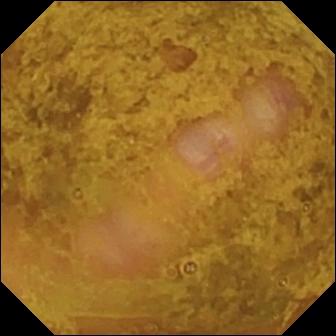Video capsule endoscopy snapshot. Taken in the ileo-cecal valve region (the transition from the small bowel to the large bowel).